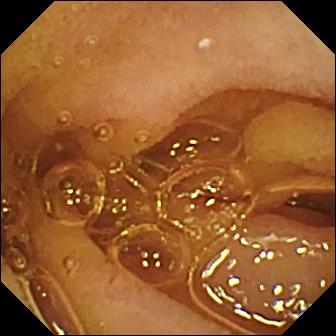Small-bowel capsule endoscopy still, small intestine
Impression: normal clean mucosa